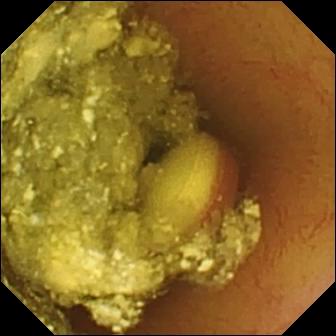Video capsule endoscopy — foreign body (e.g. retained capsule, tablet residue).